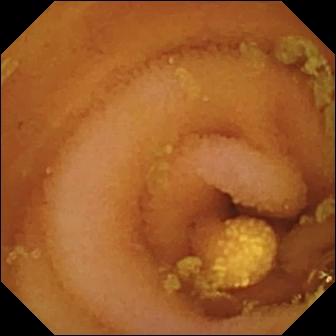Lymphangiectasia — small-bowel capsule endoscopy image.